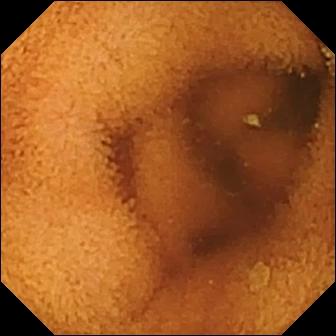{"modality": "small-bowel capsule endoscopy", "category": "luminal finding", "finding": "normal clean mucosa"}